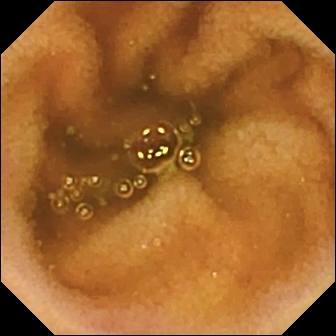Normal clean mucosa — VCE image.